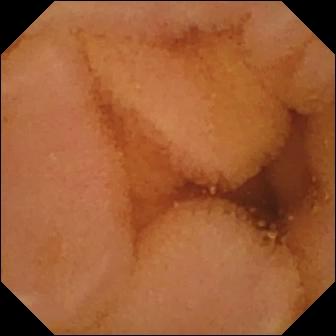Video capsule endoscopy. Label: normal clean mucosa.